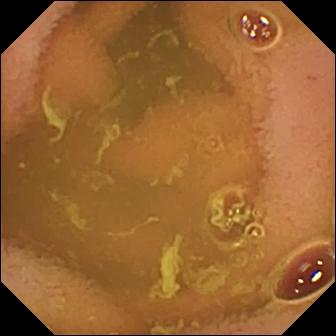modality: VCE | observation: normal clean mucosa